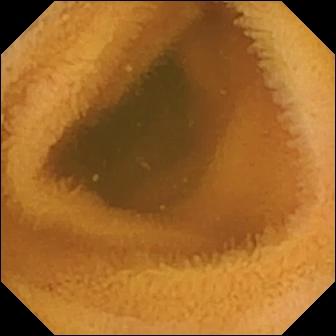VCE view (small bowel), 336×336. Normal clean mucosa.